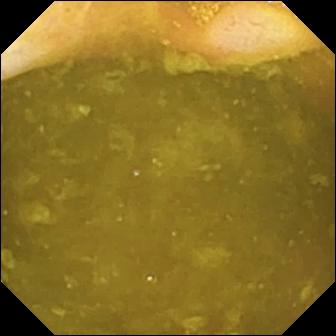This WCE frame was taken in the ileo-cecal valve region.